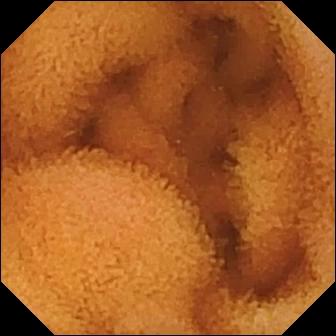Normal clean mucosa — small-bowel capsule endoscopy snapshot of the small intestine.